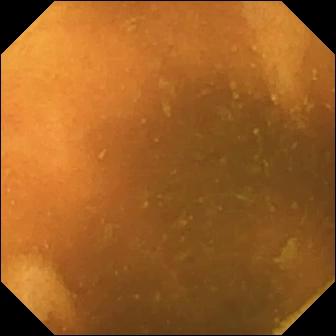Normal clean mucosa (336×336).